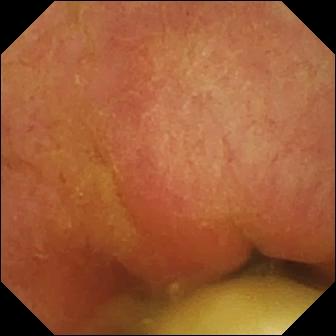Foreign body (e.g. retained capsule, tablet residue) — video capsule endoscopy view.